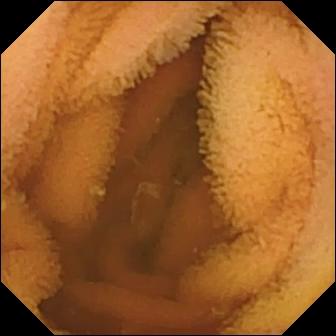VCE image. Normal clean mucosa.